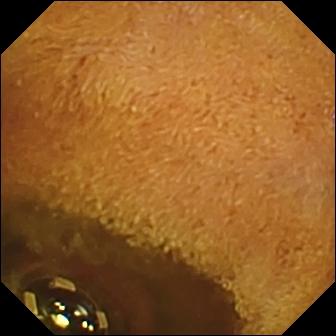- modality: VCE
- category: luminal finding
- impression: foreign body (e.g. retained capsule, tablet residue)